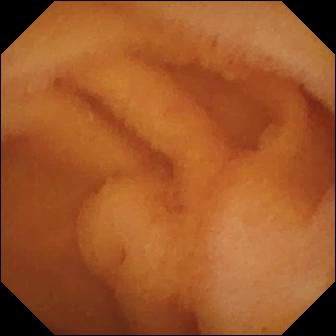{"modality": "capsule endoscopy", "finding": "normal clean mucosa"}